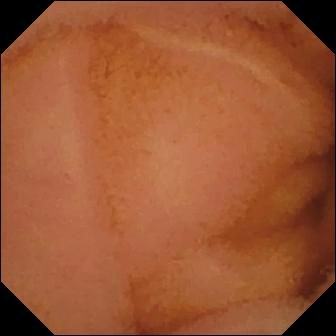Small-bowel capsule endoscopy — normal clean mucosa.